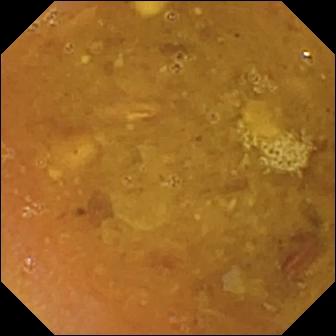VCE. Small bowel. Label: reduced mucosal view (content or bubbles obscuring the mucosa).